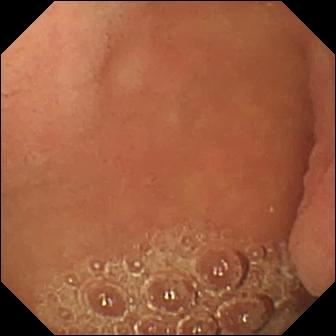Q: Where in the digestive tract was this VCE view taken?
A: Pylorus region (where the capsule passes from the stomach into the small bowel).